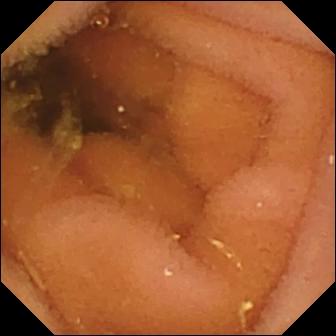Video capsule endoscopy still (small intestine), 336×336. Normal clean mucosa.